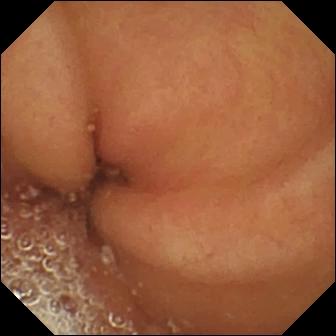Pylorus region (where the capsule passes from the stomach into the small bowel) — capsule endoscopy snapshot.